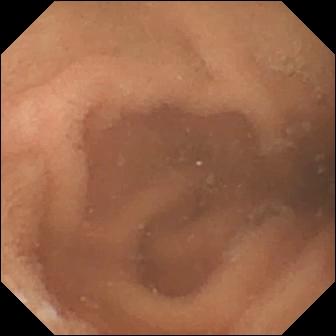VCE — normal clean mucosa.